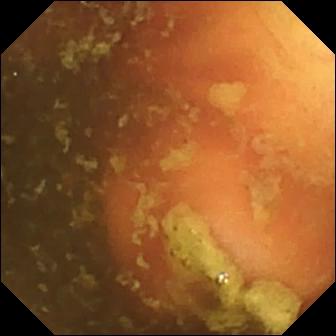PROCEDURE: Video capsule endoscopy.
LOCATION: Ileo-cecal valve region.